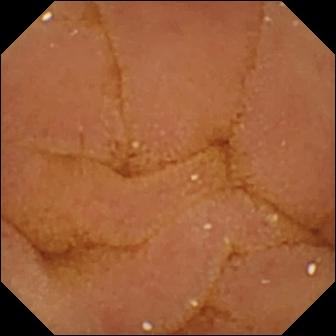PROCEDURE: Small-bowel capsule endoscopy.
SEGMENT: Small bowel.
FINDINGS: Normal clean mucosa.